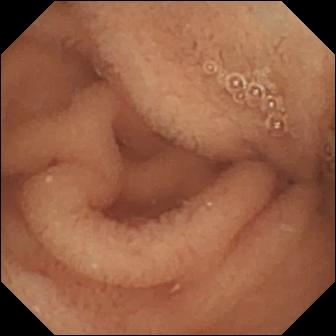This VCE snapshot shows normal clean mucosa.